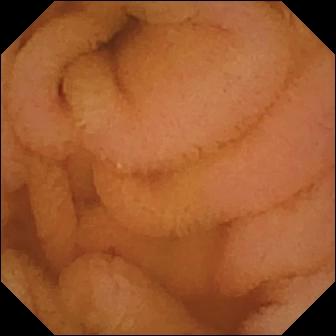WCE. Small intestine. Observation: normal clean mucosa.